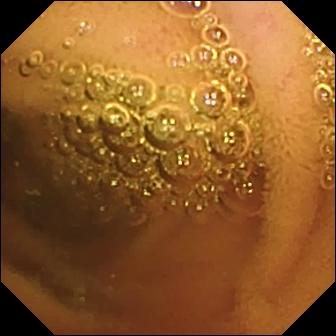Video capsule endoscopy frame, small intestine
Impression: normal clean mucosa